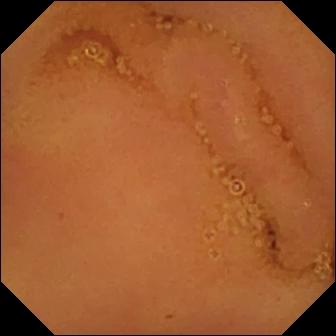VCE image. Normal clean mucosa.